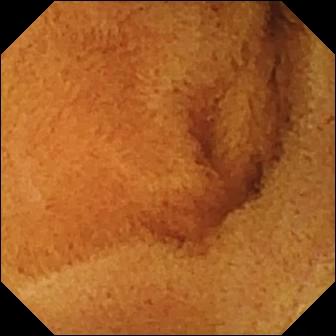{"modality": "wireless capsule endoscopy", "category": "luminal finding", "finding": "normal clean mucosa"}